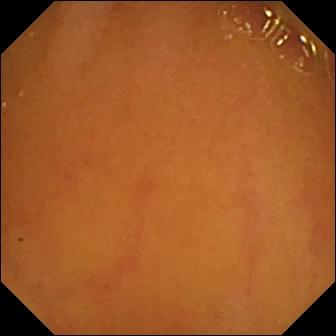Small-bowel capsule endoscopy — ileo-cecal valve region.